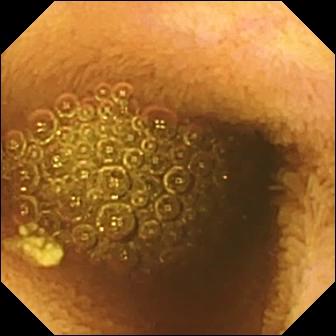Capsule endoscopy — reduced mucosal view (content or bubbles obscuring the mucosa).